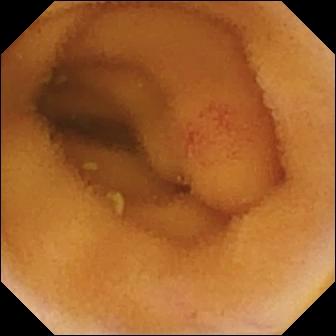VCE — angiectasia.